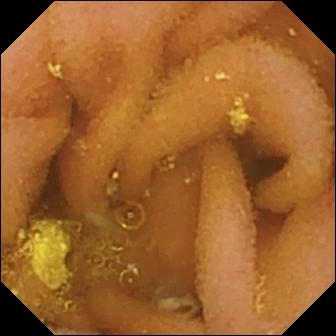{"modality": "capsule endoscopy", "finding": "lymphangiectasia"}